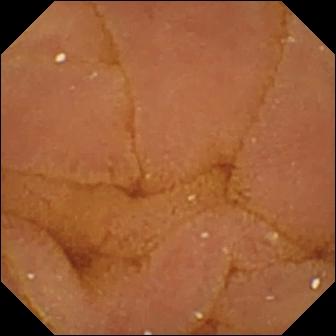modality: small-bowel capsule endoscopy | segment: small bowel | label: normal clean mucosa